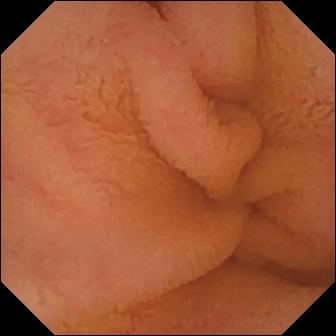Q: What does this video capsule endoscopy still show?
A: Normal clean mucosa.